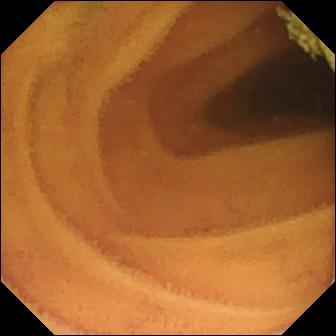{"modality": "capsule endoscopy", "segment": "small intestine", "category": "luminal finding", "finding": "normal clean mucosa"}